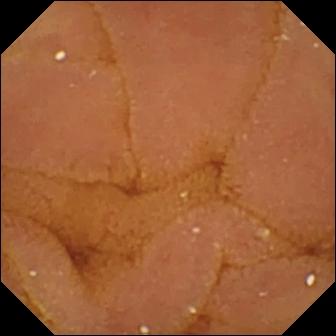Wireless capsule endoscopy snapshot (small bowel). Normal clean mucosa.